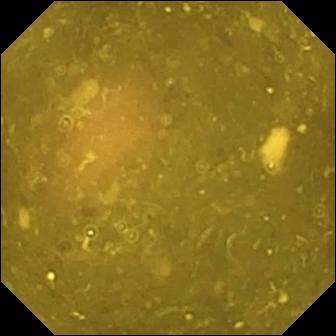Video capsule endoscopy — ileo-cecal valve region (where the capsule passes from the small bowel into the large bowel).